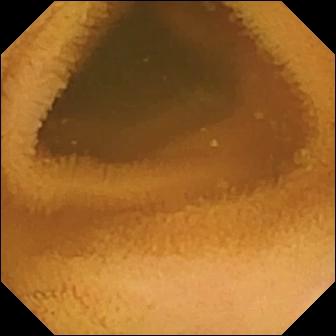VCE view of the small bowel showing normal clean mucosa.